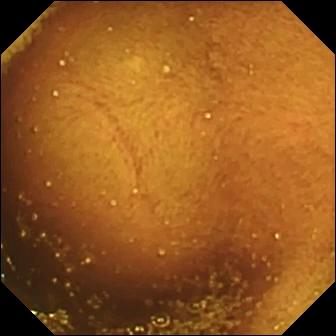PROCEDURE: VCE.
VIDEO SEGMENT: Ileo-cecal valve region (where the capsule passes from the small bowel into the large bowel).